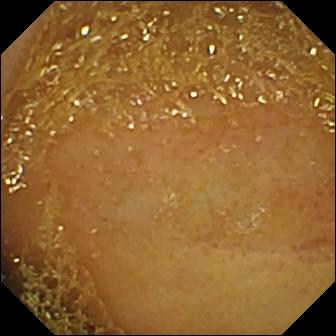PROCEDURE: Capsule endoscopy.
LABEL: Ileo-cecal valve region (the transition from the small bowel to the large bowel).